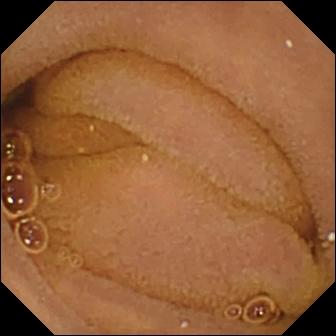WCE image of the small bowel showing normal clean mucosa.